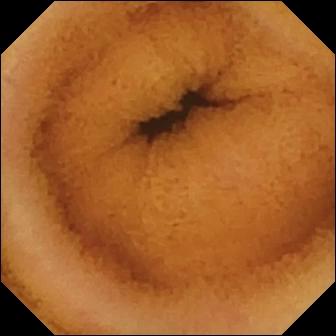VCE — normal clean mucosa.